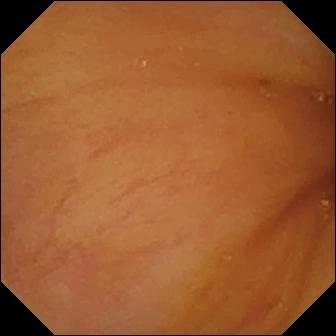Wireless capsule endoscopy — ileo-cecal valve region (the transition from the small bowel to the large bowel).